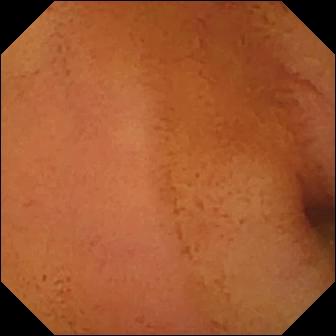Normal clean mucosa (336×336).